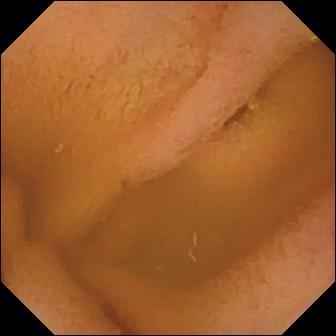Small-bowel capsule endoscopy. Luminal finding. Observation: normal clean mucosa.